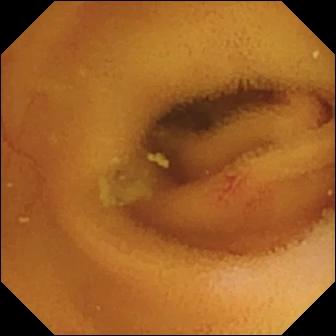Angiectasia.